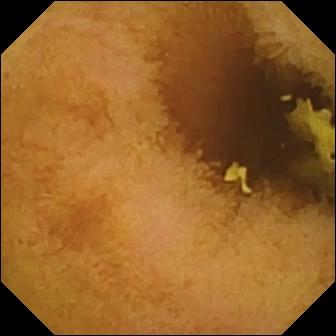Capsule endoscopy frame of the small bowel showing normal clean mucosa.